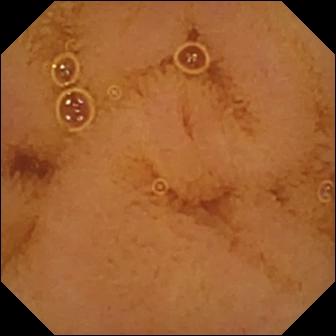This small-bowel capsule endoscopy still shows normal clean mucosa.